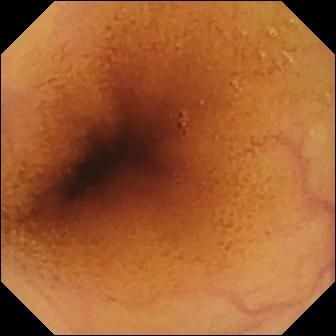WCE view (small intestine). Normal clean mucosa.